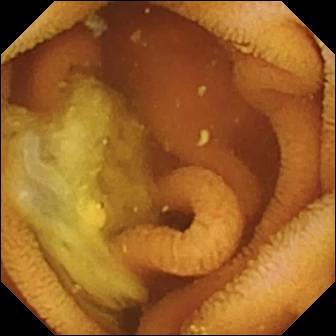{"modality": "wireless capsule endoscopy", "segment": "small bowel", "finding": "normal clean mucosa"}